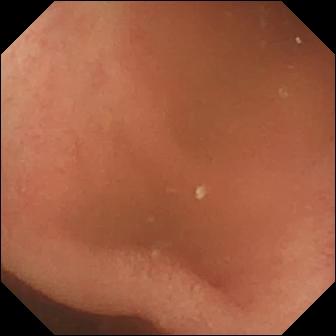Video capsule endoscopy snapshot taken in the pylorus region (the junction between the stomach and the small bowel).